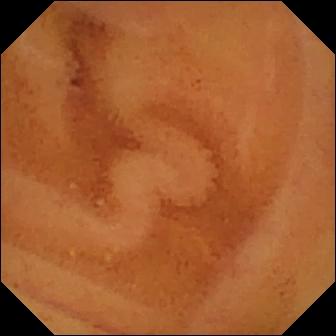{"modality": "VCE", "category": "luminal finding", "finding": "normal clean mucosa"}